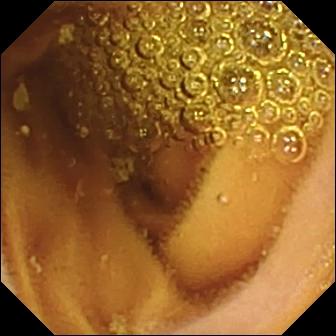Normal clean mucosa (336×336).